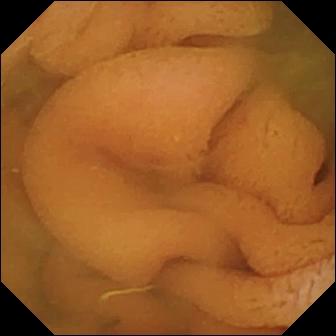- modality: wireless capsule endoscopy
- segment: small bowel
- category: luminal finding
- label: normal clean mucosa